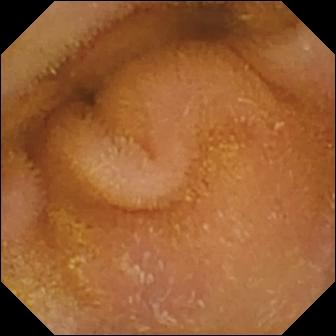Normal clean mucosa — WCE image.